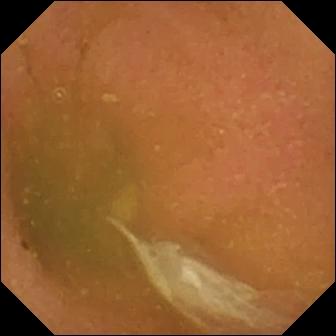WCE frame (small intestine), 336×336. Normal clean mucosa.